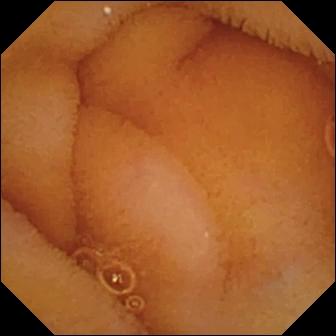Small-bowel capsule endoscopy snapshot. Normal clean mucosa.